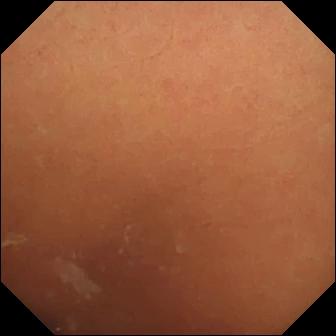Wireless capsule endoscopy image
Observation: normal clean mucosa